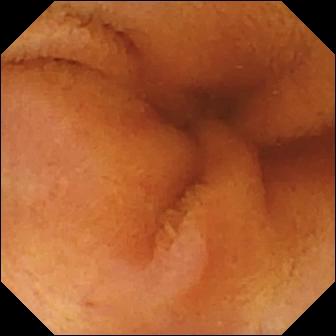VCE image of the small bowel showing normal clean mucosa.